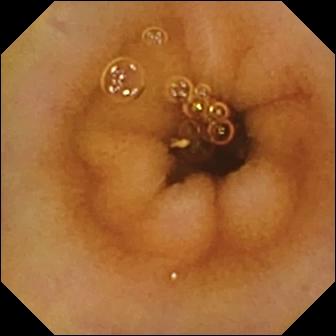PROCEDURE: Capsule endoscopy.
SEGMENT: Small bowel.
FINDINGS: Normal clean mucosa.